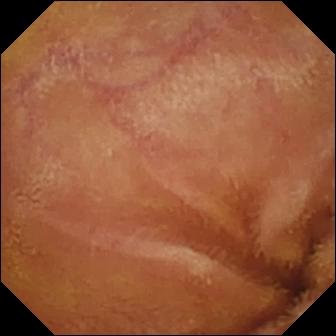Normal clean mucosa.